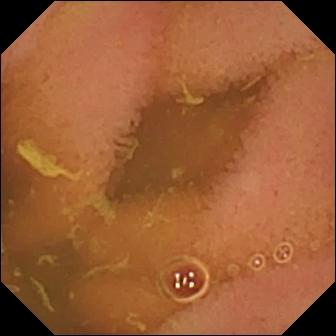WCE frame showing normal clean mucosa.